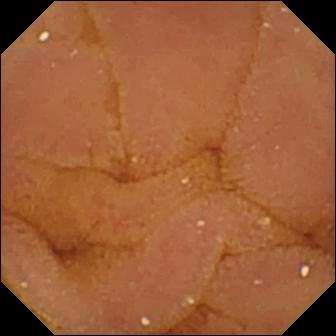Normal clean mucosa.